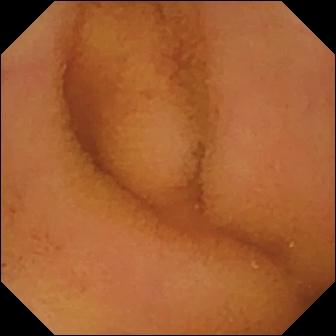Q: What does this small-bowel capsule endoscopy snapshot of the small bowel show?
A: Normal clean mucosa.